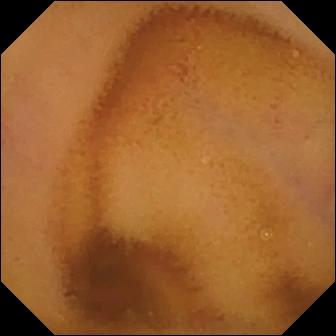PROCEDURE: WCE.
SEGMENT: Small intestine.
FINDINGS: Normal clean mucosa.